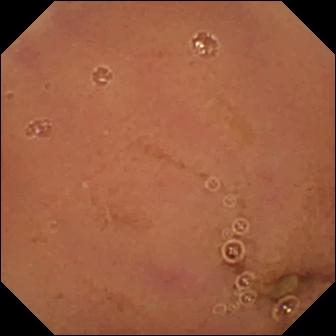Wireless capsule endoscopy still. Normal clean mucosa.